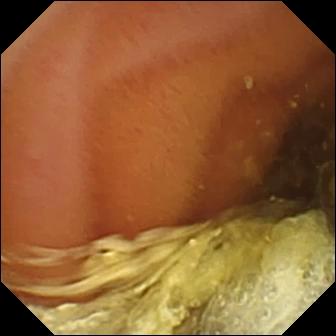Video capsule endoscopy — normal clean mucosa.